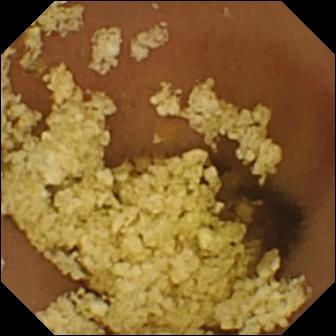Video capsule endoscopy view showing normal clean mucosa.